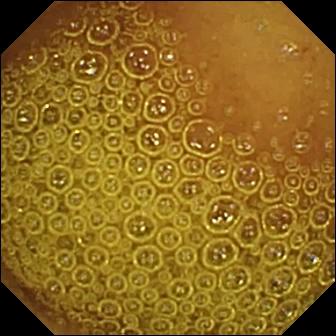Normal clean mucosa — wireless capsule endoscopy still.